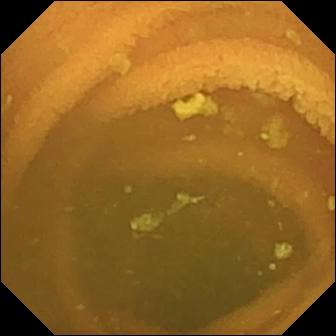Normal clean mucosa.